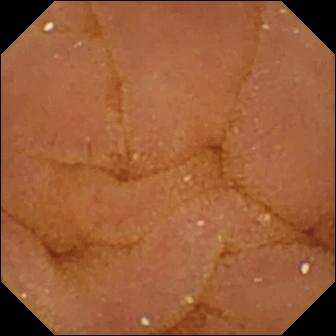This video capsule endoscopy still shows normal clean mucosa.